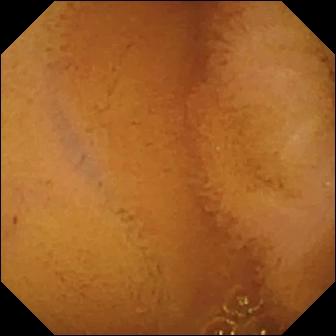VCE. Observation: normal clean mucosa.